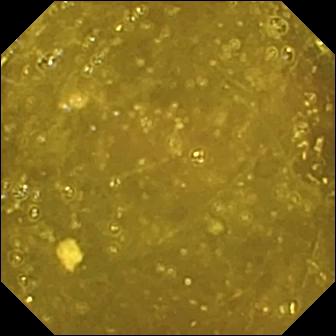Capsule endoscopy view taken in the ileo-cecal valve region (where the capsule passes from the small bowel into the large bowel).